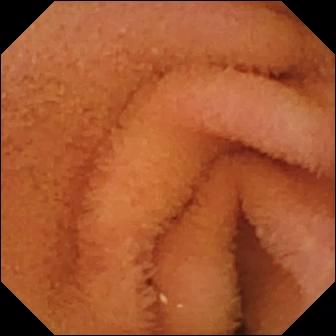Wireless capsule endoscopy frame of the small bowel showing normal clean mucosa.